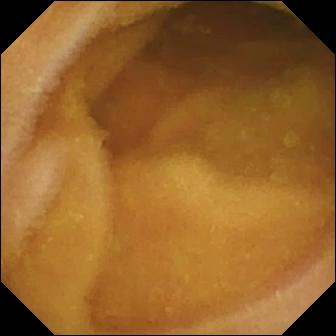Normal clean mucosa — video capsule endoscopy snapshot.